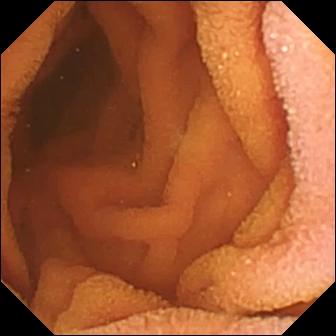modality: small-bowel capsule endoscopy; finding: normal clean mucosa